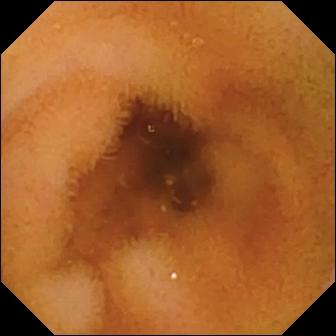PROCEDURE: WCE.
SEGMENT: Small intestine.
FINDINGS: Normal clean mucosa.